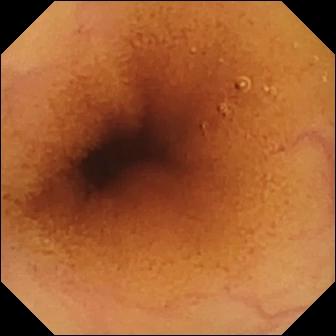modality: WCE | segment: small bowel | observation: normal clean mucosa